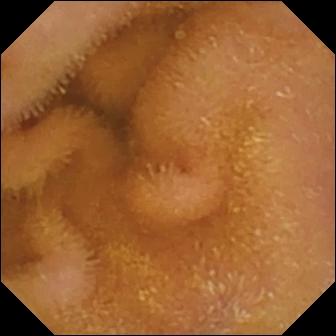WCE frame, small intestine
Label: normal clean mucosa